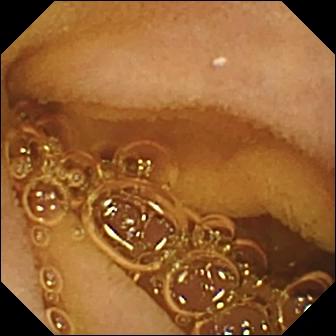This VCE image of the small bowel shows normal clean mucosa.